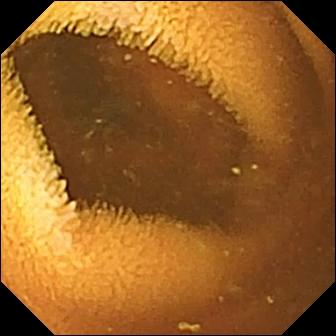- modality: WCE
- segment: small bowel
- observation: normal clean mucosa